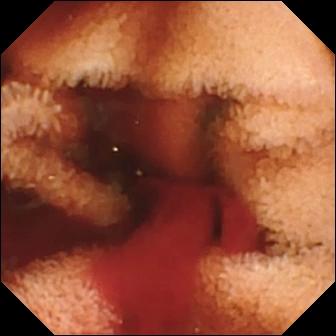{"modality": "WCE", "finding": "fresh blood in the lumen"}